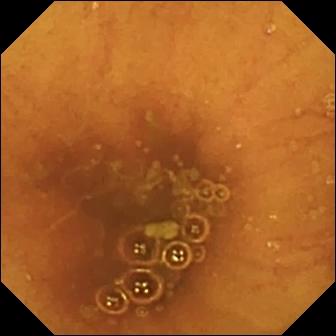WCE — ileo-cecal valve region.